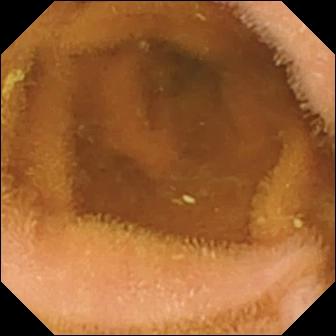Video capsule endoscopy image showing normal clean mucosa.